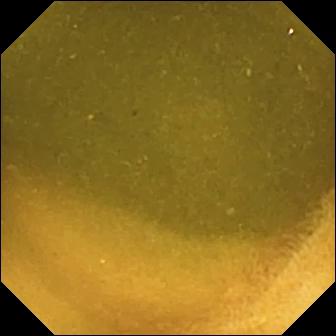Ileo-cecal valve region (the transition from the small bowel to the large bowel).